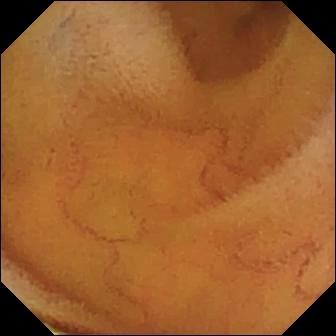PROCEDURE: WCE.
SEGMENT: Small intestine.
FINDINGS: Normal clean mucosa.